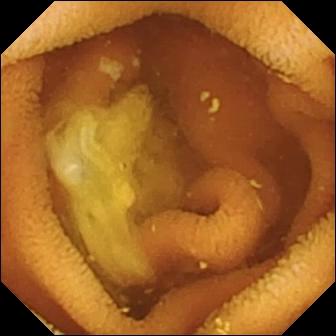Capsule endoscopy. Small intestine. Observation: normal clean mucosa.